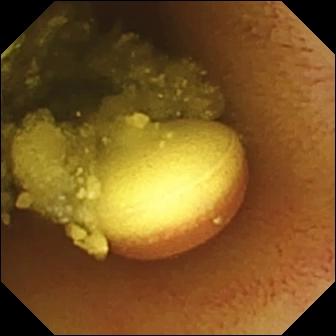PROCEDURE: WCE.
FINDINGS: Foreign body (e.g. retained capsule, tablet residue).